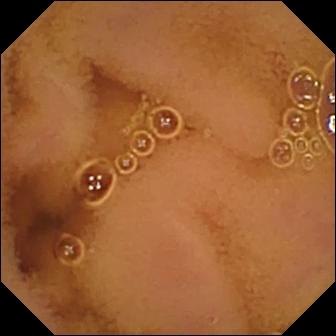- modality: small-bowel capsule endoscopy
- segment: small intestine
- impression: normal clean mucosa